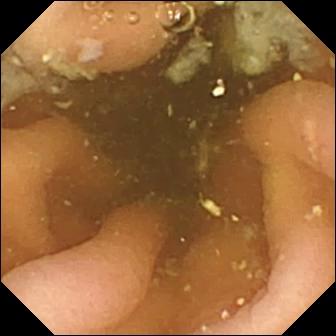PROCEDURE: WCE.
VIDEO SEGMENT: Pylorus region (the junction between the stomach and the small bowel).